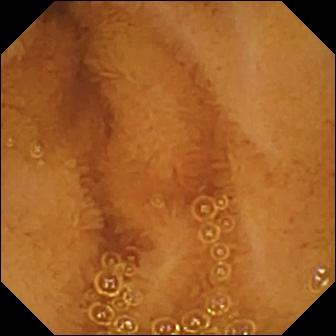VCE. Small intestine. Finding: normal clean mucosa.